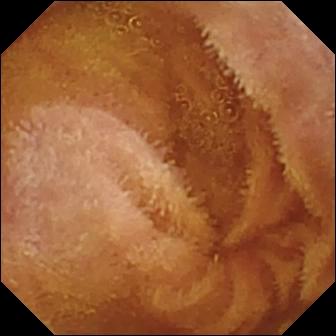Normal clean mucosa — WCE snapshot of the small bowel.